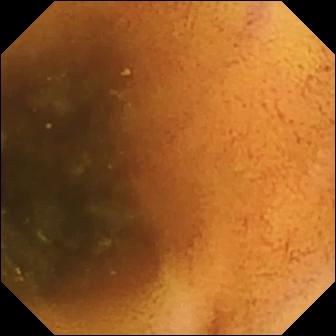PROCEDURE: WCE.
FINDINGS: Normal clean mucosa.